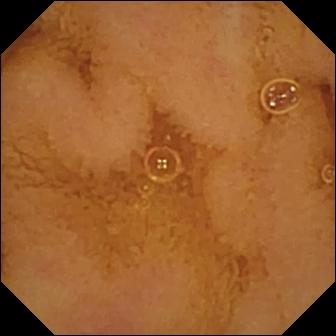Video capsule endoscopy — normal clean mucosa.